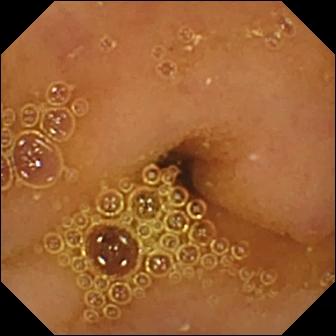Normal clean mucosa — small-bowel capsule endoscopy frame of the small bowel.